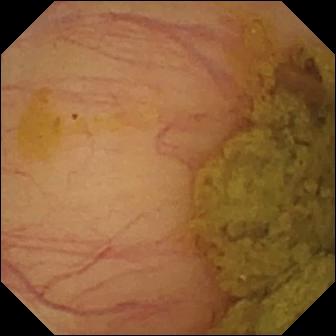- modality: WCE
- video segment: ileo-cecal valve region (the transition from the small bowel to the large bowel)